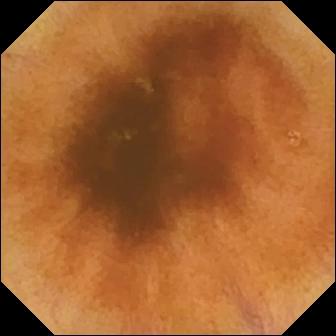VCE snapshot (small bowel). Normal clean mucosa.